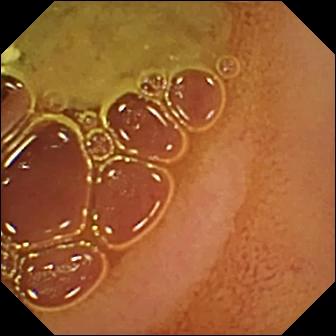This WCE frame of the small bowel shows normal clean mucosa.